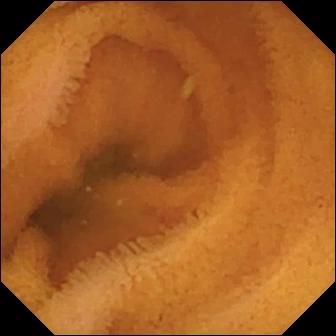Normal clean mucosa (336×336).